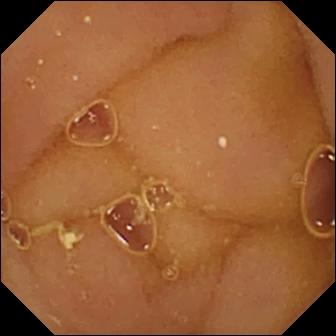WCE image. Normal clean mucosa.